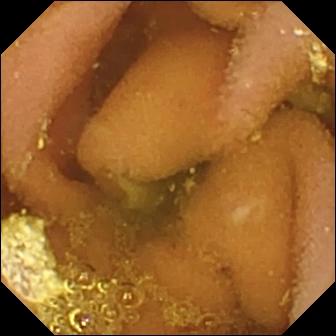WCE — lymphangiectasia.